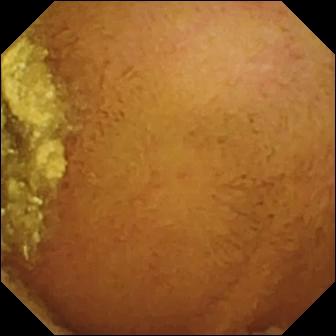Wireless capsule endoscopy — normal clean mucosa.